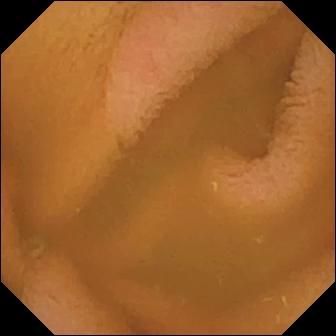This capsule endoscopy snapshot of the small intestine shows normal clean mucosa.